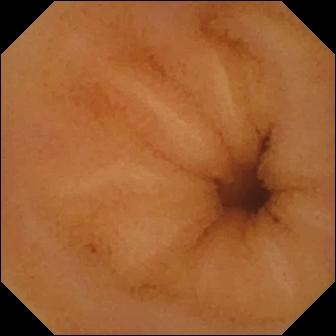Q: What does this video capsule endoscopy snapshot show?
A: Normal clean mucosa.